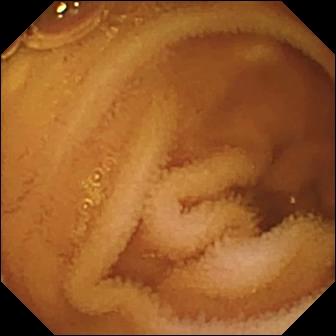Small-bowel capsule endoscopy snapshot of the small bowel showing normal clean mucosa.